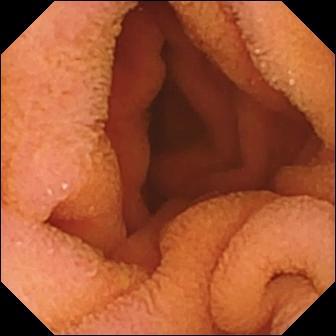Q: What does this WCE image show?
A: Normal clean mucosa.